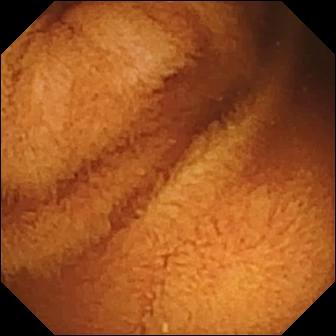PROCEDURE: VCE.
SEGMENT: Small intestine.
FINDINGS: Normal clean mucosa.